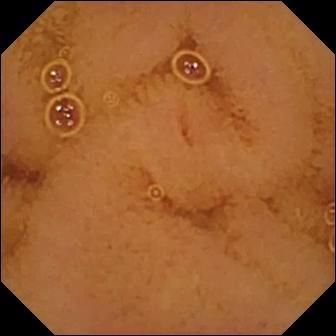{"modality": "small-bowel capsule endoscopy", "segment": "small bowel", "finding": "normal clean mucosa"}